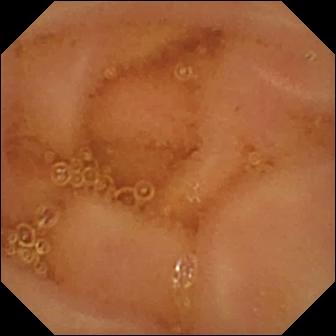WCE frame showing normal clean mucosa.